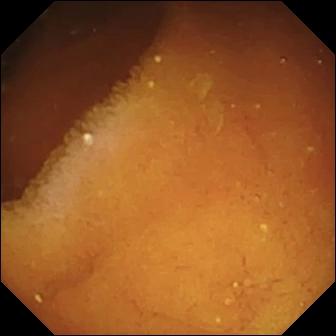PROCEDURE: Capsule endoscopy.
POSITION: Pylorus region (where the capsule passes from the stomach into the small bowel).